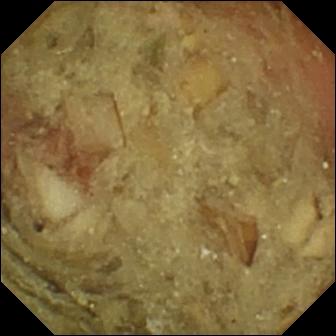{"modality": "WCE", "video_segment": "pylorus region (the junction between the stomach and the small bowel)"}